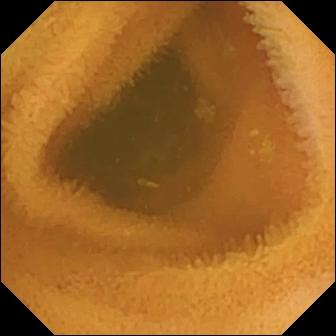Wireless capsule endoscopy still
Impression: normal clean mucosa